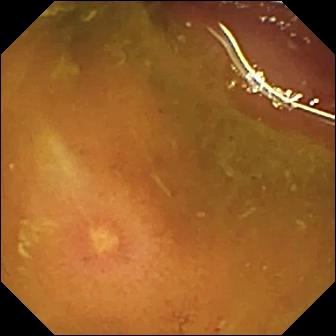- modality: wireless capsule endoscopy
- category: luminal finding
- label: ulcer